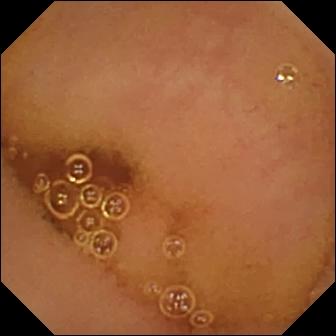- modality: small-bowel capsule endoscopy
- segment: small intestine
- observation: normal clean mucosa